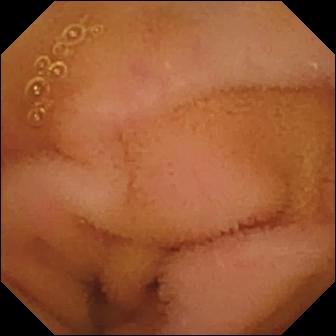Small-bowel capsule endoscopy view showing normal clean mucosa.